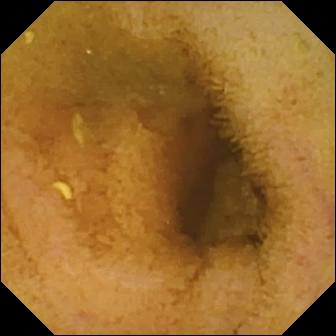Small-bowel capsule endoscopy. Small intestine. Impression: normal clean mucosa.